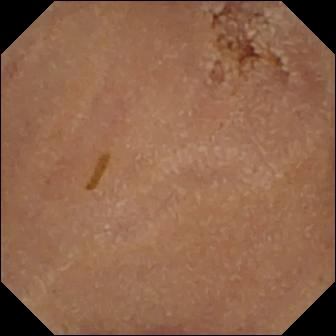Small-bowel capsule endoscopy frame, small bowel
Observation: normal clean mucosa